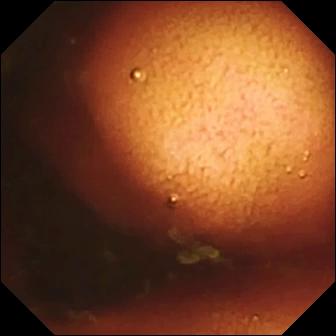Capsule endoscopy still taken in the ileo-cecal valve region (the transition from the small bowel to the large bowel).